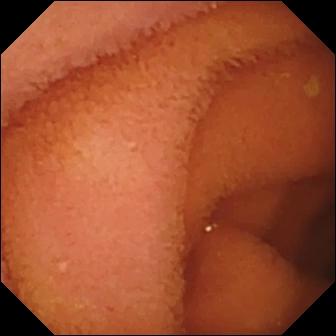WCE. Label: normal clean mucosa.